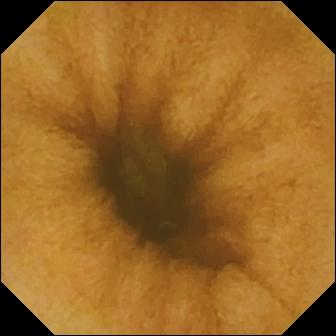Q: What does this WCE still of the small bowel show?
A: Normal clean mucosa.